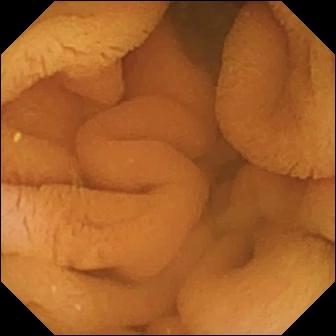This small-bowel capsule endoscopy still shows normal clean mucosa.